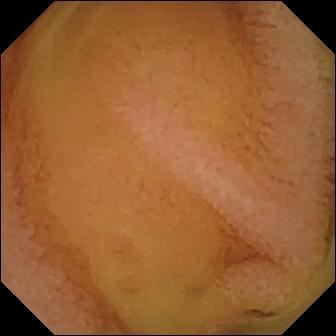{"modality": "video capsule endoscopy", "category": "luminal finding", "finding": "normal clean mucosa"}